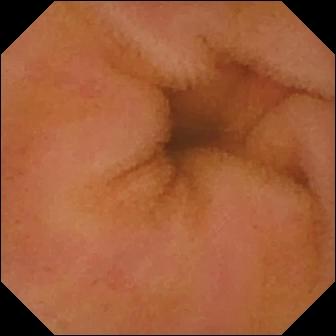Video capsule endoscopy view
Impression: erythema (mucosal redness)